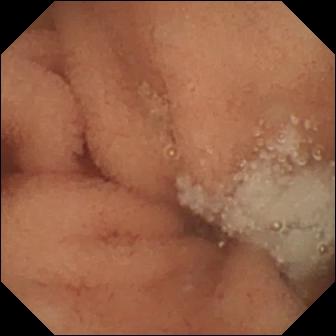This capsule endoscopy frame shows normal clean mucosa.